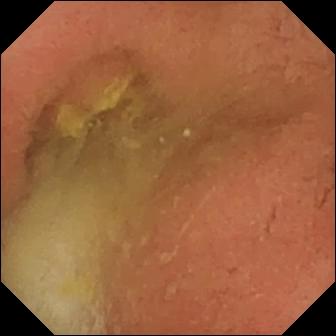This VCE still was taken in the pylorus region.